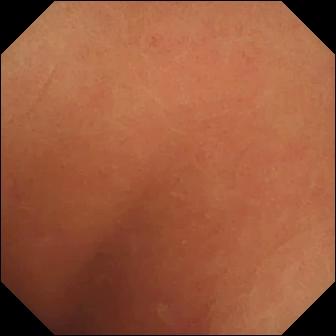{"modality": "small-bowel capsule endoscopy", "finding": "normal clean mucosa"}